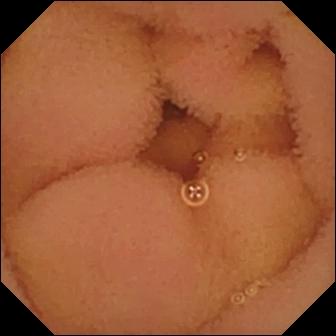Video capsule endoscopy image
Impression: normal clean mucosa